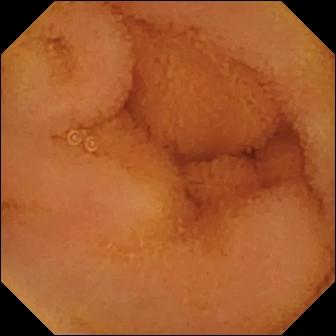Normal clean mucosa — video capsule endoscopy still.